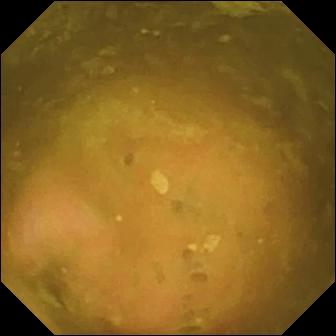{"modality": "VCE", "video_segment": "ileo-cecal valve region"}